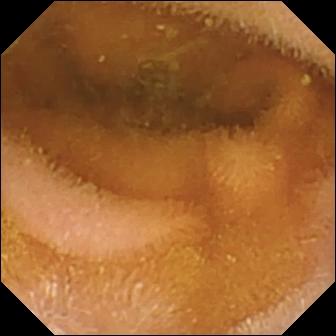VCE — normal clean mucosa.